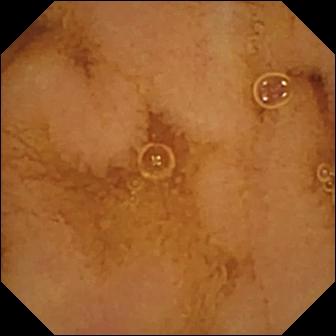Video capsule endoscopy still showing normal clean mucosa.